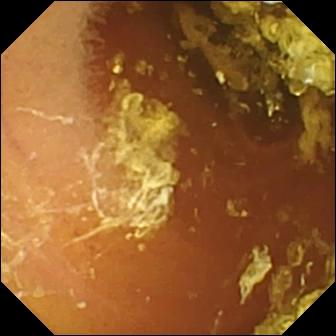Normal clean mucosa.